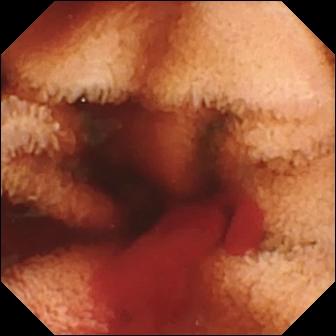VCE image showing fresh blood in the lumen.